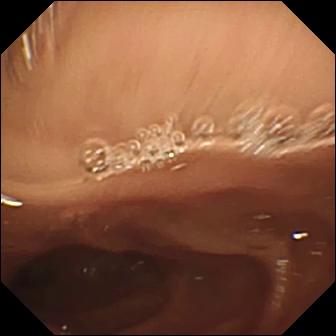VCE image
Position: pylorus region (the junction between the stomach and the small bowel)